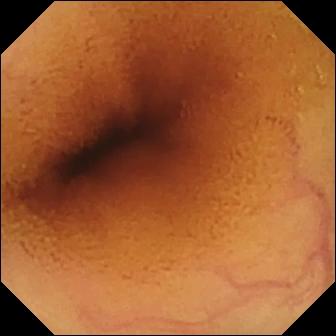Wireless capsule endoscopy — normal clean mucosa.